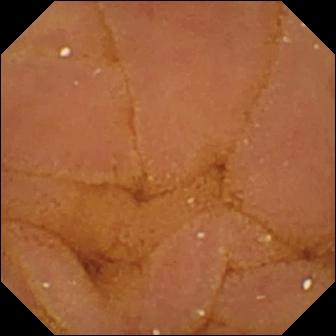Wireless capsule endoscopy image
Finding: normal clean mucosa